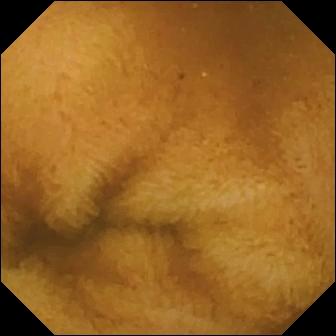- modality: capsule endoscopy
- finding: normal clean mucosa